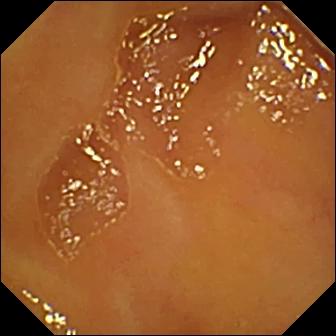WCE — normal clean mucosa.